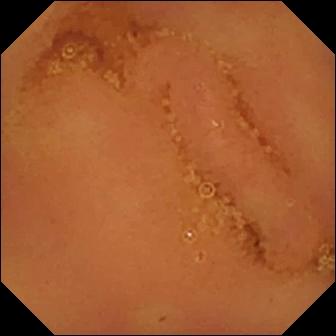Small-bowel capsule endoscopy. Small intestine. Luminal finding. Observation: normal clean mucosa.